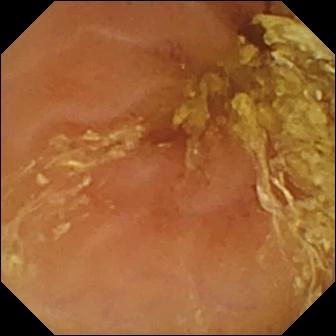modality: video capsule endoscopy
segment: small intestine
finding: normal clean mucosa